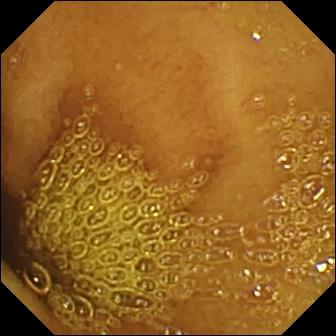Video capsule endoscopy snapshot, small intestine
Finding: normal clean mucosa